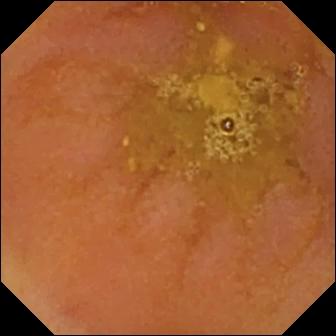Small-bowel capsule endoscopy. Luminal finding. Impression: reduced mucosal view (content or bubbles obscuring the mucosa).